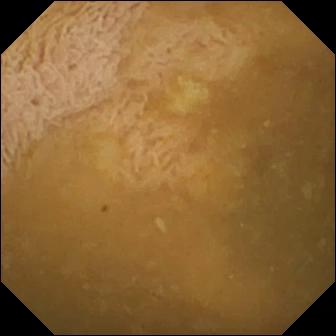- modality: VCE
- video segment: ileo-cecal valve region (where the capsule passes from the small bowel into the large bowel)